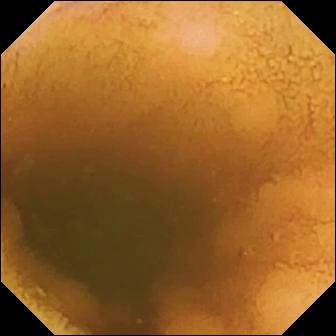VCE — normal clean mucosa.